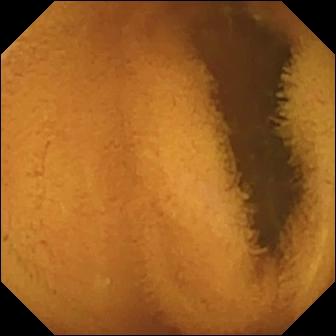Capsule endoscopy still of the small bowel showing normal clean mucosa.